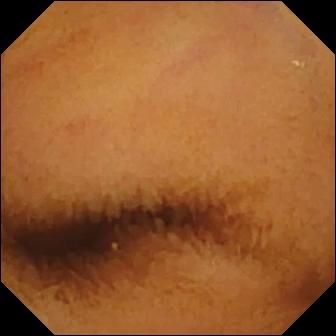WCE image (small bowel). Normal clean mucosa.